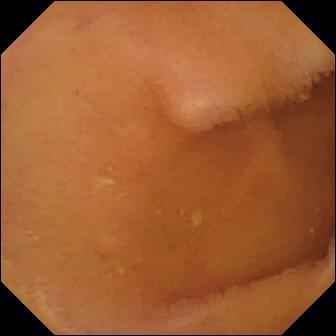{"modality": "WCE", "finding": "normal clean mucosa"}